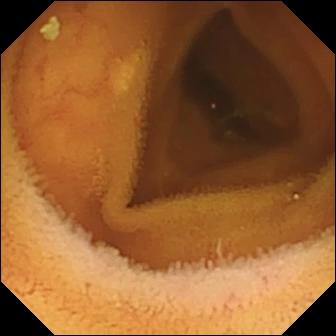Q: What does this video capsule endoscopy snapshot show?
A: Normal clean mucosa.